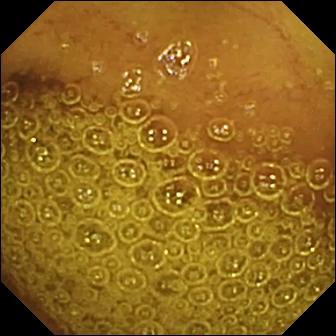Normal clean mucosa (336×336).